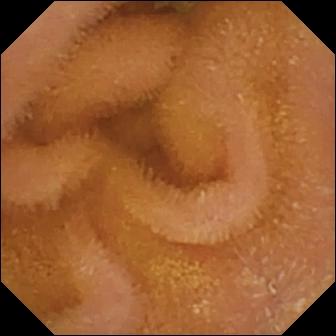Capsule endoscopy. Finding: normal clean mucosa.